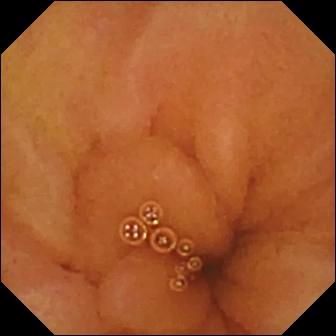WCE view showing normal clean mucosa.